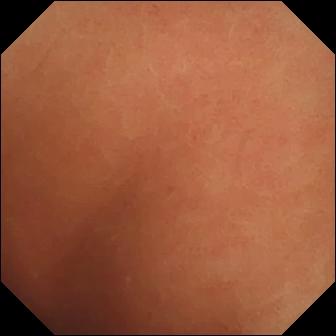This wireless capsule endoscopy view shows normal clean mucosa.